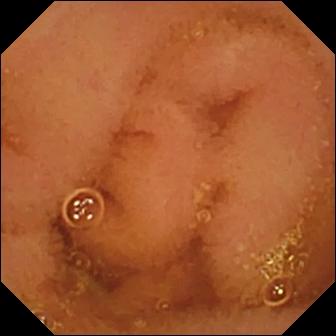modality: VCE | segment: small bowel | observation: normal clean mucosa